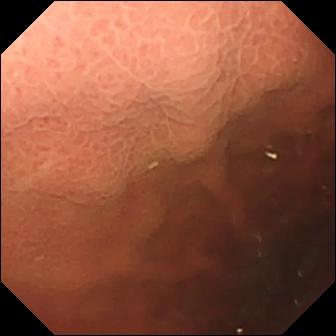VCE. Location: pylorus region.